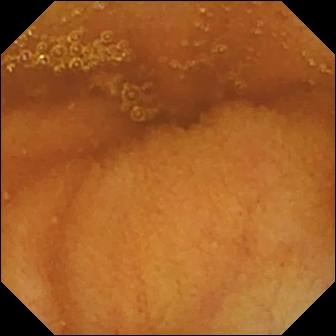This capsule endoscopy view of the small bowel shows normal clean mucosa.